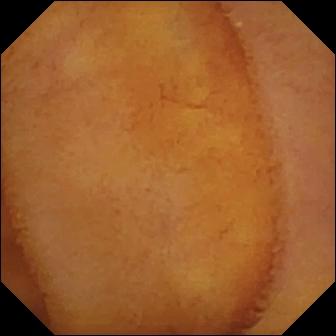PROCEDURE: WCE.
FINDINGS: Normal clean mucosa.